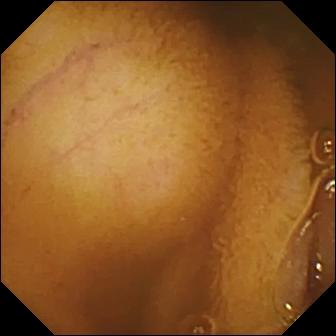Capsule endoscopy. Observation: normal clean mucosa.